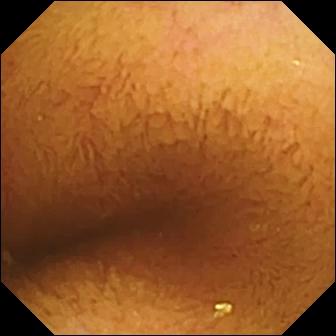PROCEDURE: Video capsule endoscopy.
FINDINGS: Normal clean mucosa.